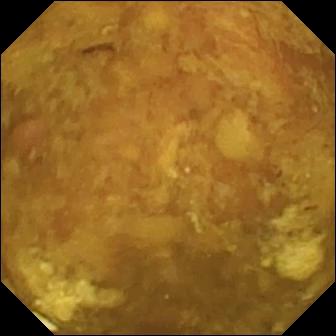Reduced mucosal view (content or bubbles obscuring the mucosa) — WCE frame.